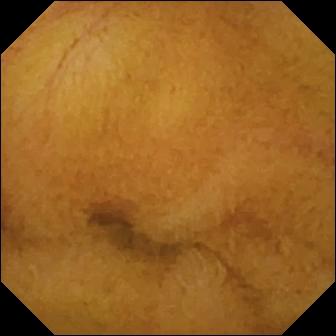Normal clean mucosa — VCE view of the small bowel.